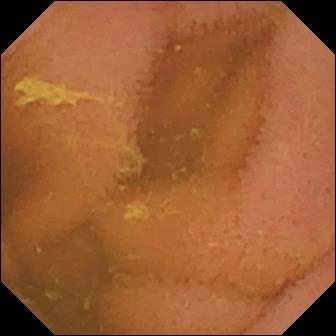This video capsule endoscopy frame shows normal clean mucosa.